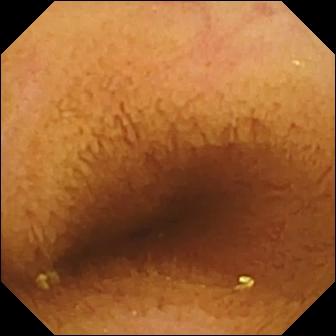{"modality": "capsule endoscopy", "segment": "small intestine", "category": "luminal finding", "finding": "normal clean mucosa"}